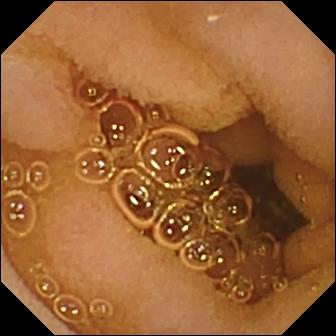{"modality": "VCE", "category": "luminal finding", "finding": "normal clean mucosa"}